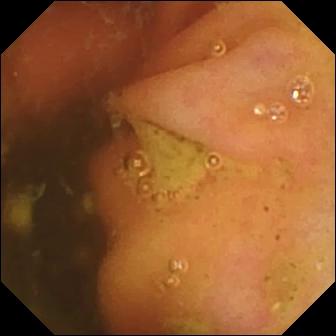- modality: WCE
- category: anatomical landmark
- video segment: ileo-cecal valve region (where the capsule passes from the small bowel into the large bowel)